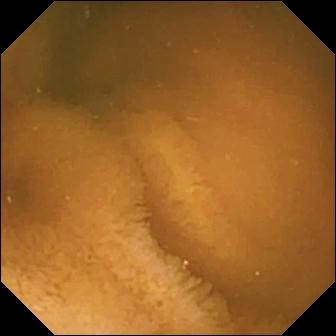Normal clean mucosa.